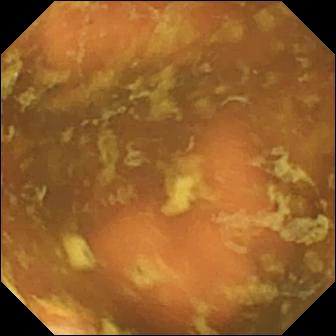Ileo-cecal valve region (where the capsule passes from the small bowel into the large bowel) — video capsule endoscopy image.